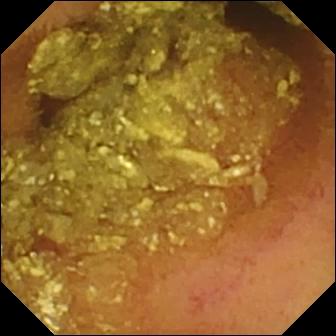This WCE snapshot shows normal clean mucosa.